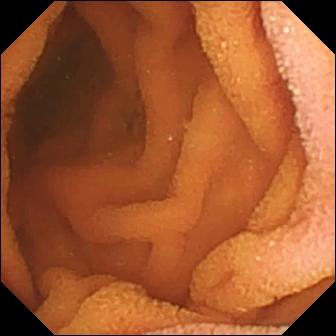Normal clean mucosa — capsule endoscopy snapshot of the small intestine.